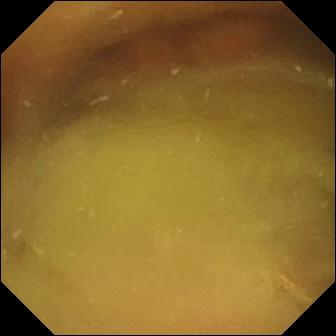- modality: wireless capsule endoscopy
- segment: small bowel
- impression: normal clean mucosa